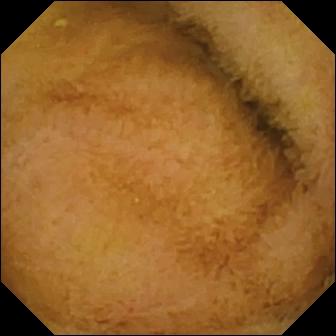WCE snapshot. Normal clean mucosa.